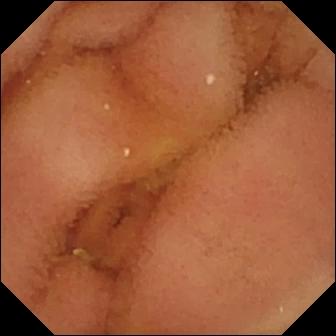Normal clean mucosa — wireless capsule endoscopy still.